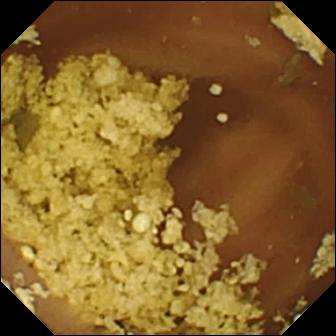Video capsule endoscopy view (small intestine). Normal clean mucosa.